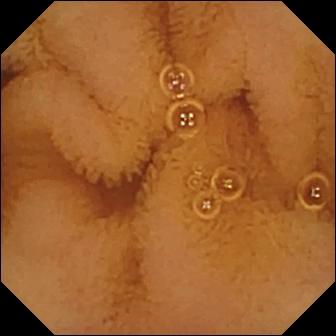PROCEDURE: Video capsule endoscopy.
FINDINGS: Normal clean mucosa.